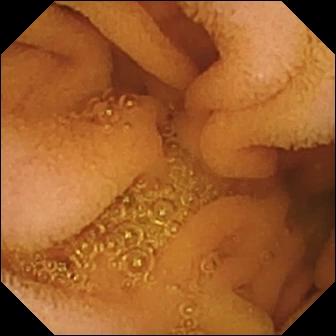This capsule endoscopy image of the small bowel shows normal clean mucosa.